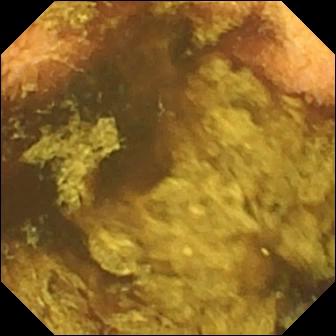Normal clean mucosa (336×336).